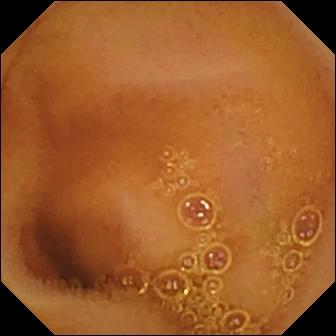This wireless capsule endoscopy still shows normal clean mucosa.